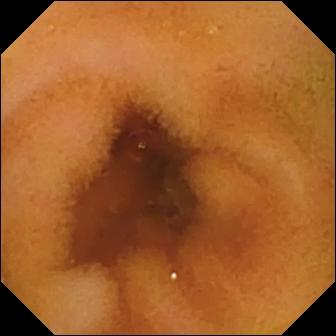Wireless capsule endoscopy. Luminal finding. Impression: normal clean mucosa.